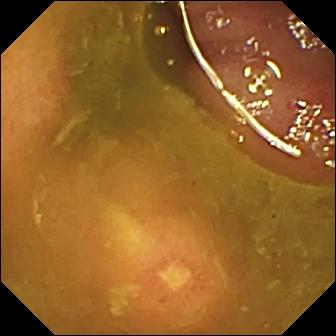VCE. Luminal finding. Label: ulcer.